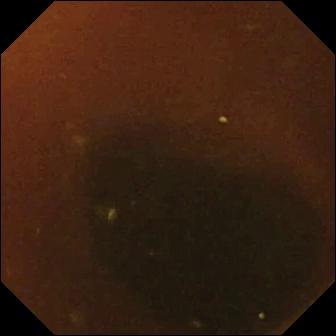- modality: wireless capsule endoscopy
- segment: small intestine
- observation: normal clean mucosa